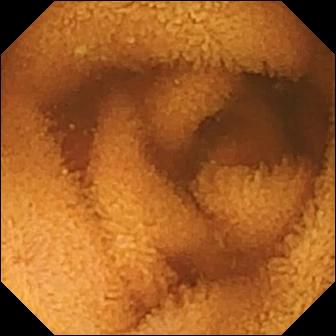Video capsule endoscopy. Small intestine. Label: normal clean mucosa.